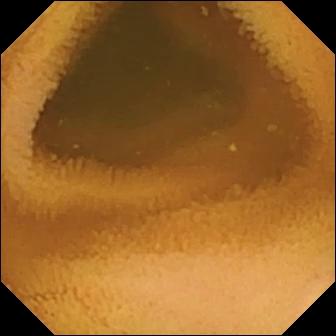Normal clean mucosa — video capsule endoscopy still.